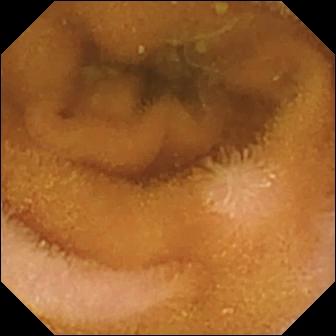This wireless capsule endoscopy view shows normal clean mucosa.